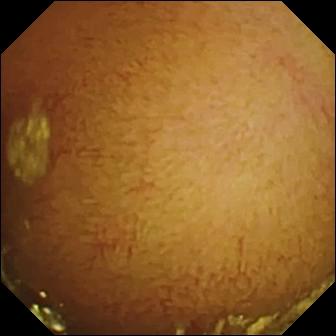Video capsule endoscopy image, 336×336. Normal clean mucosa.